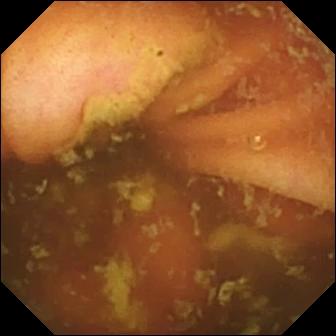WCE still
Location: ileo-cecal valve region (where the capsule passes from the small bowel into the large bowel)